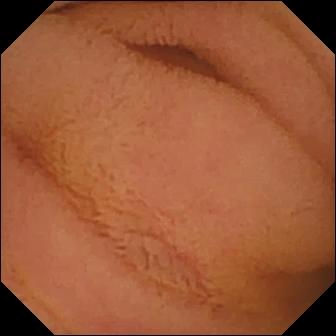Normal clean mucosa.